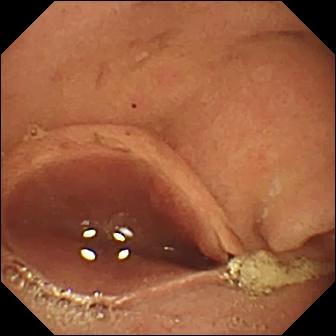VCE frame taken in the pylorus region (the junction between the stomach and the small bowel).